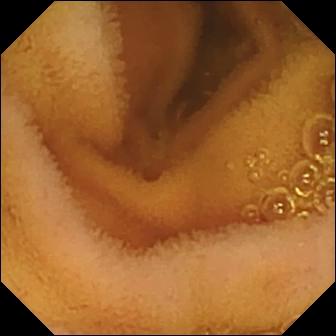{"modality": "small-bowel capsule endoscopy", "finding": "normal clean mucosa"}